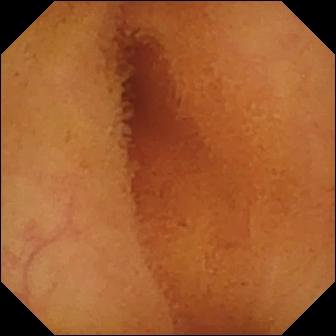Q: What does this VCE frame show?
A: Normal clean mucosa.